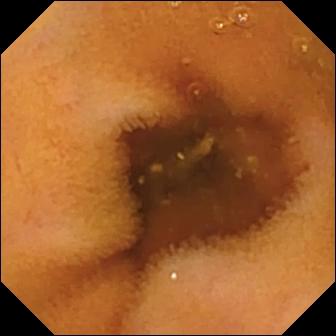VCE — normal clean mucosa.